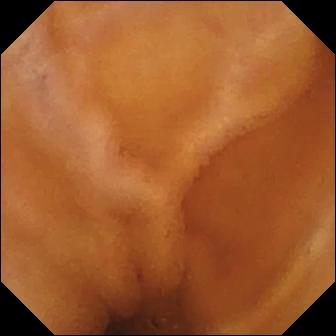This wireless capsule endoscopy still shows normal clean mucosa.